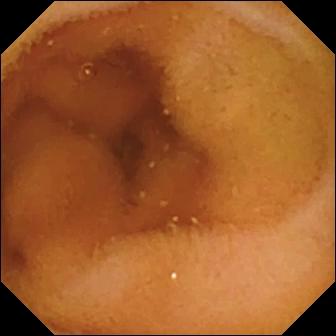Q: What does this video capsule endoscopy snapshot show?
A: Normal clean mucosa.